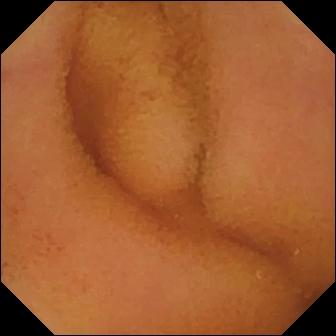This VCE image shows normal clean mucosa.